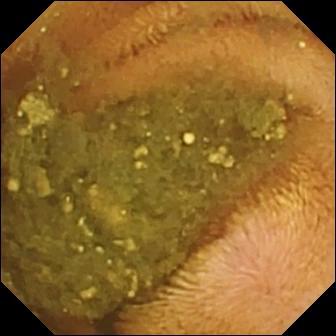Capsule endoscopy image of the small bowel showing reduced mucosal view (content or bubbles obscuring the mucosa).